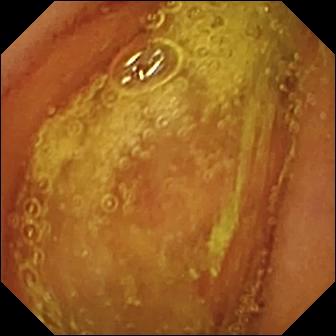WCE still. Normal clean mucosa.